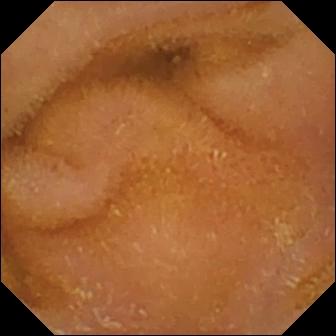PROCEDURE: Capsule endoscopy.
FINDINGS: Normal clean mucosa.